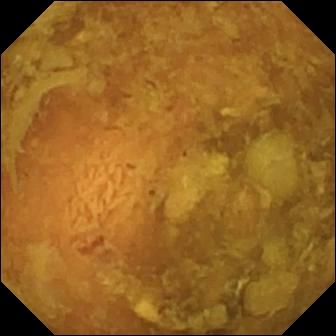Small-bowel capsule endoscopy view of the small intestine showing reduced mucosal view (content or bubbles obscuring the mucosa).